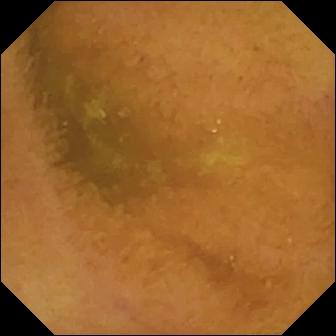{"modality": "wireless capsule endoscopy", "finding": "normal clean mucosa"}